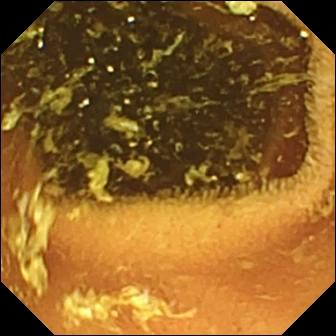- modality: WCE
- segment: small intestine
- category: luminal finding
- label: normal clean mucosa